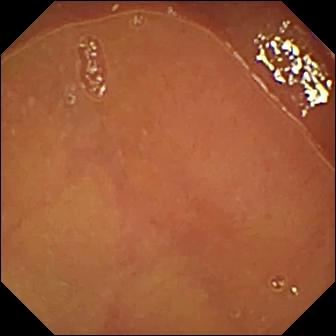- modality: VCE
- observation: normal clean mucosa